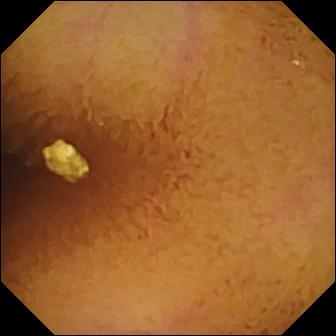This video capsule endoscopy snapshot shows normal clean mucosa.